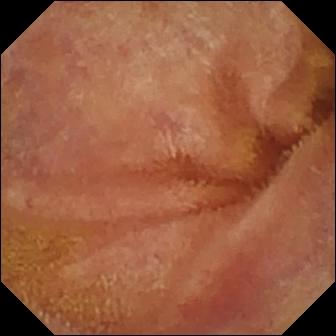Normal clean mucosa — video capsule endoscopy still.